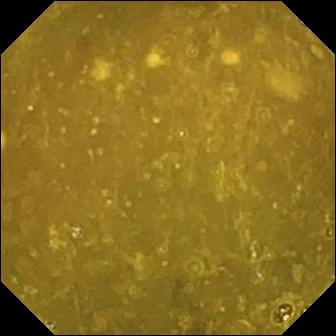Video capsule endoscopy view taken in the ileo-cecal valve region.